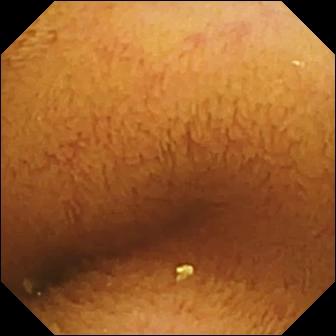Video capsule endoscopy — normal clean mucosa.